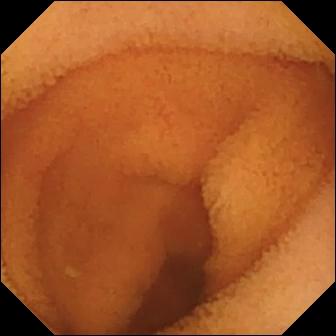Wireless capsule endoscopy. Small bowel. Impression: normal clean mucosa.